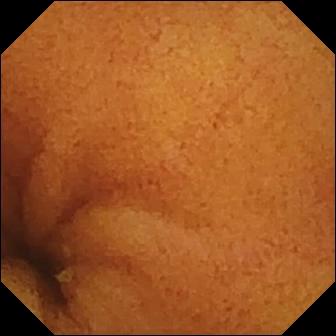Small-bowel capsule endoscopy. Small intestine. Finding: normal clean mucosa.